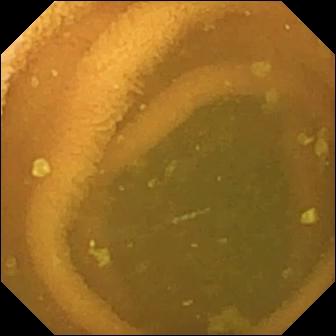Small-bowel capsule endoscopy snapshot, small intestine
Finding: normal clean mucosa